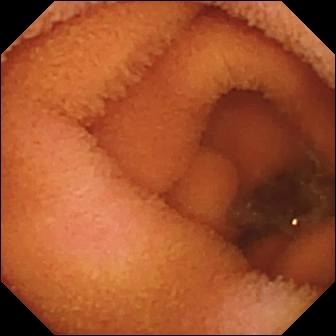Q: What does this capsule endoscopy frame show?
A: Normal clean mucosa.